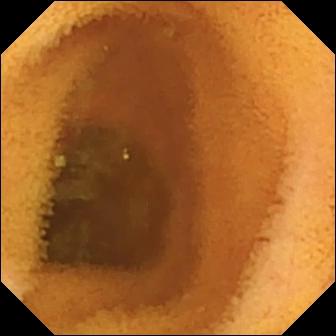- modality: WCE
- category: luminal finding
- finding: normal clean mucosa